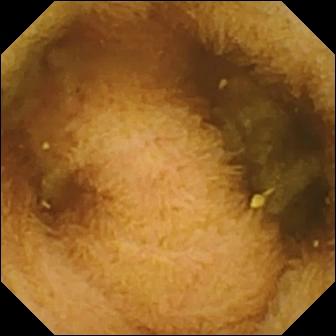Normal clean mucosa (336×336).